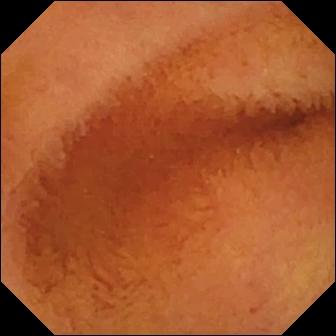Wireless capsule endoscopy still, small intestine
Impression: normal clean mucosa